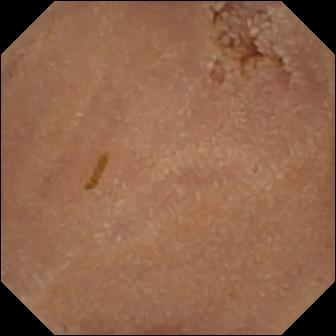This VCE frame shows normal clean mucosa.